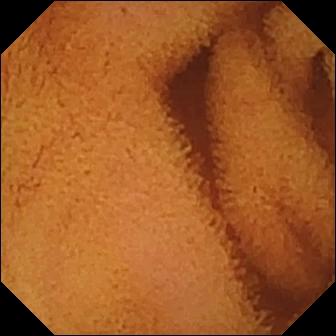Small-bowel capsule endoscopy image
Label: normal clean mucosa